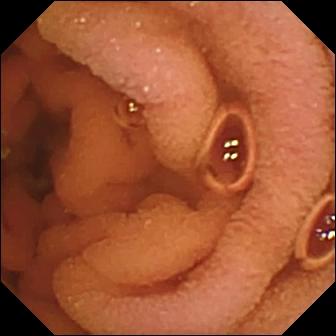Capsule endoscopy — normal clean mucosa.